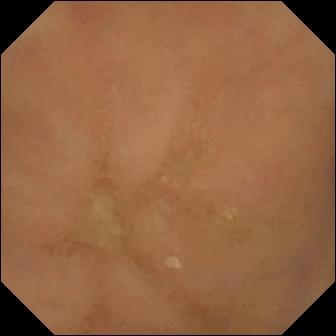PROCEDURE: Wireless capsule endoscopy.
FINDINGS: Normal clean mucosa.